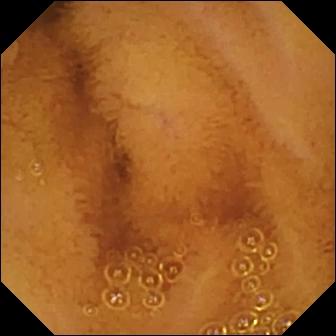PROCEDURE: Video capsule endoscopy.
FINDINGS: Normal clean mucosa.